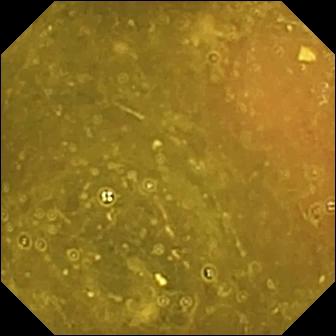Ileo-cecal valve region (where the capsule passes from the small bowel into the large bowel) — wireless capsule endoscopy still.